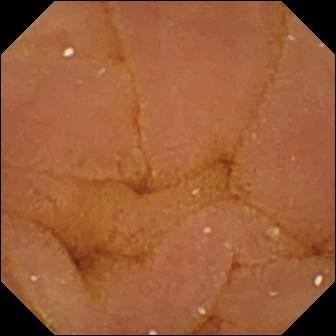WCE image of the small intestine showing normal clean mucosa.